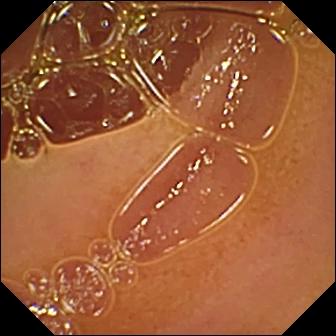Capsule endoscopy — normal clean mucosa.